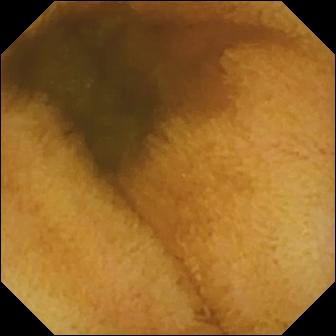Video capsule endoscopy — normal clean mucosa.